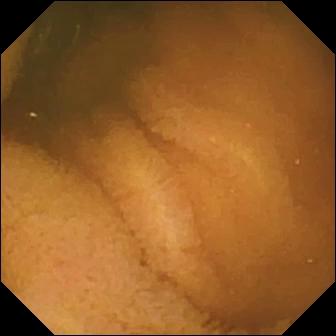Wireless capsule endoscopy — normal clean mucosa.